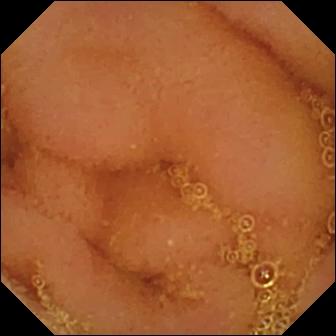This capsule endoscopy image shows normal clean mucosa.